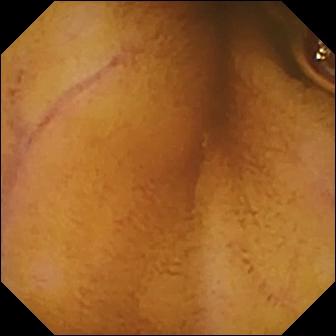Normal clean mucosa (336×336).